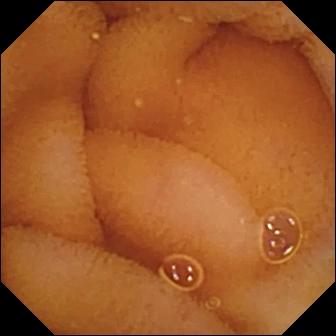Capsule endoscopy. Small intestine. Observation: normal clean mucosa.